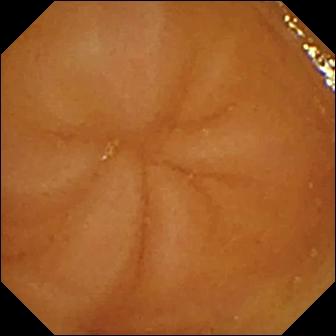Small-bowel capsule endoscopy view showing normal clean mucosa.